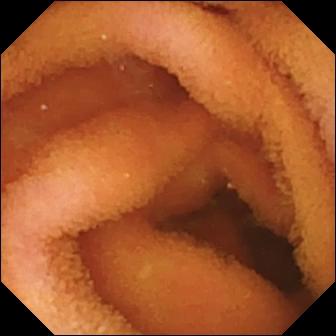Q: What does this video capsule endoscopy still of the small intestine show?
A: Normal clean mucosa.